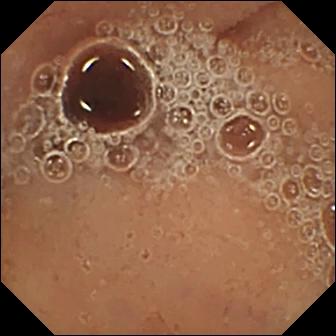VCE frame taken in the pylorus region (where the capsule passes from the stomach into the small bowel).